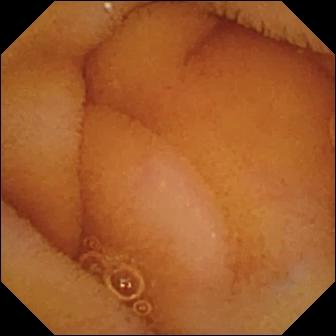Small-bowel capsule endoscopy frame, small bowel
Label: normal clean mucosa